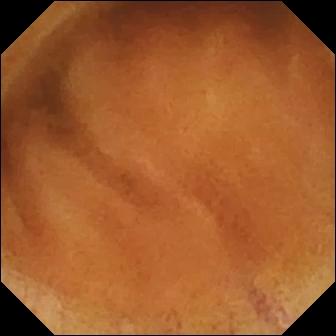{"modality": "small-bowel capsule endoscopy", "segment": "small intestine", "finding": "normal clean mucosa"}